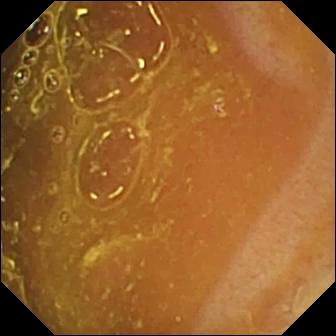Ileo-cecal valve region — video capsule endoscopy still.